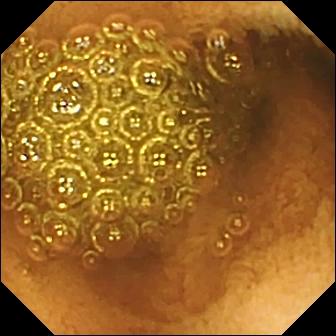{"modality": "VCE", "segment": "small intestine", "category": "luminal finding", "finding": "reduced mucosal view (content or bubbles obscuring the mucosa)"}